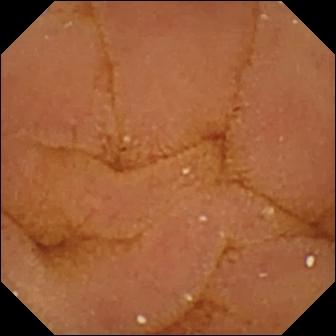VCE still, small bowel
Finding: normal clean mucosa